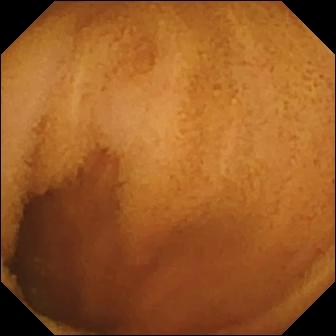Small-bowel capsule endoscopy frame, small bowel
Label: normal clean mucosa